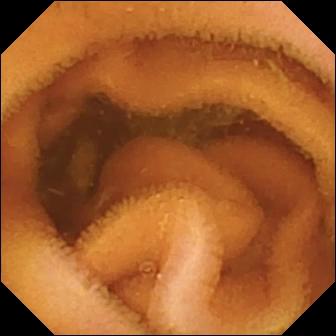This WCE still shows normal clean mucosa.